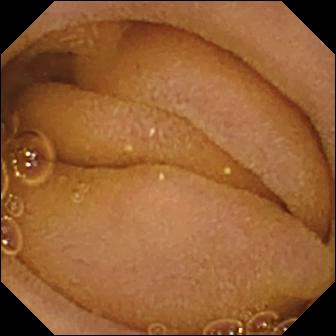Wireless capsule endoscopy view of the small intestine showing normal clean mucosa.